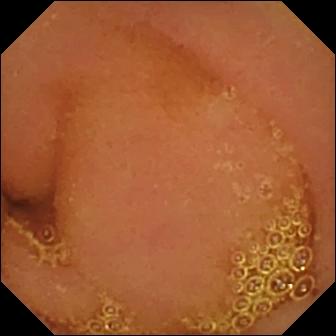Small-bowel capsule endoscopy frame, small bowel
Impression: normal clean mucosa